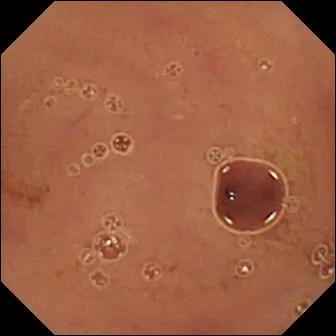- modality: VCE
- finding: normal clean mucosa